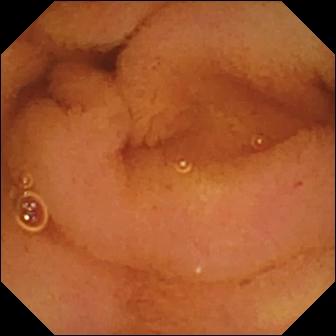- modality: small-bowel capsule endoscopy
- finding: normal clean mucosa